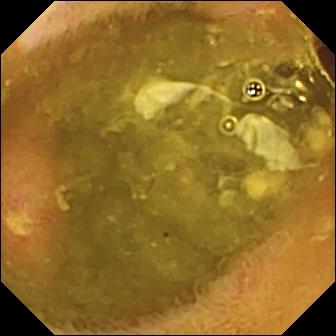modality: VCE; finding: ulcer